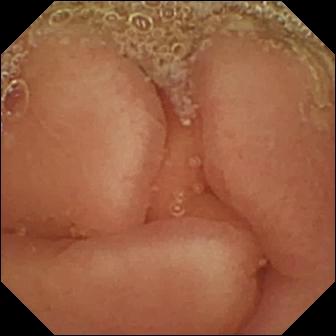- modality: wireless capsule endoscopy
- location: pylorus region (where the capsule passes from the stomach into the small bowel)